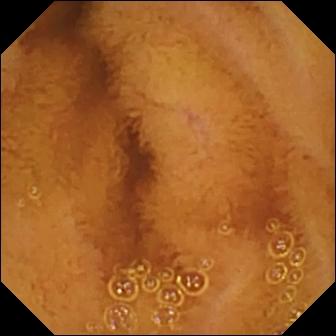Small-bowel capsule endoscopy image, small bowel
Impression: normal clean mucosa